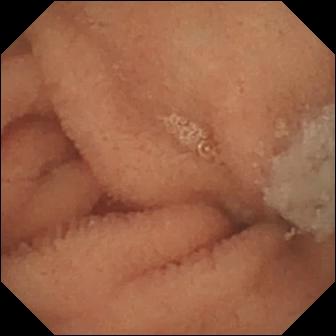Normal clean mucosa.